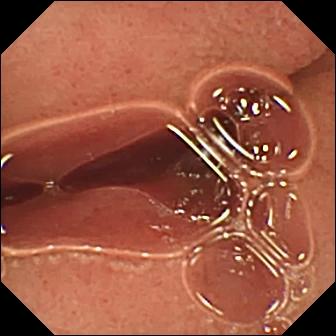Pylorus region (the junction between the stomach and the small bowel) — small-bowel capsule endoscopy view.